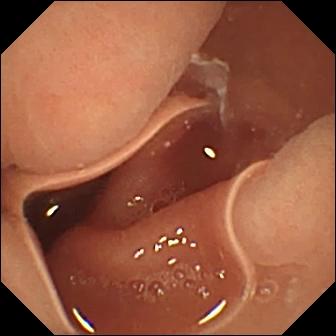Normal clean mucosa.